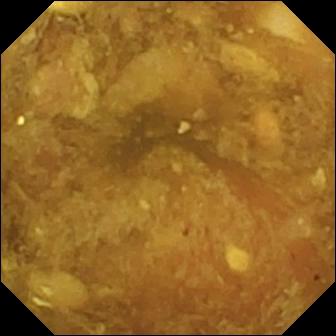Small-bowel capsule endoscopy frame showing reduced mucosal view (content or bubbles obscuring the mucosa).